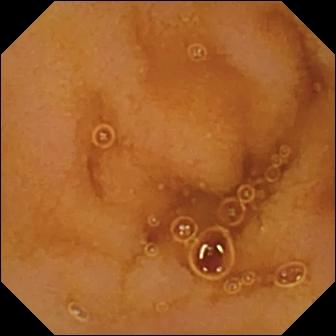Q: What does this VCE view of the small intestine show?
A: Normal clean mucosa.